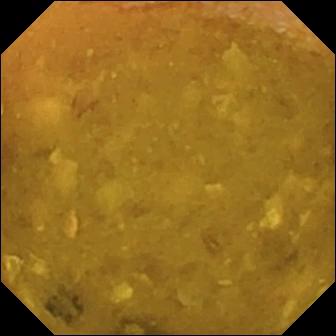modality: wireless capsule endoscopy; segment: small intestine; observation: reduced mucosal view (content or bubbles obscuring the mucosa)